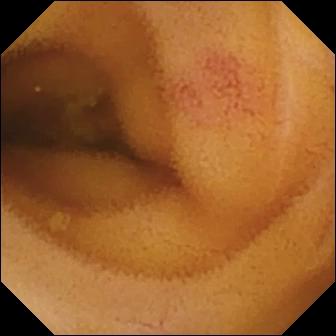Small-bowel capsule endoscopy view showing angiectasia.